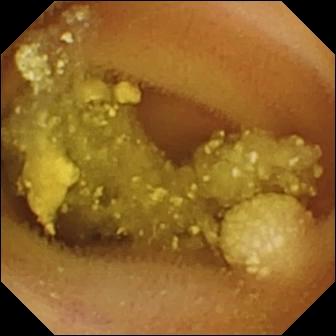Lymphangiectasia.